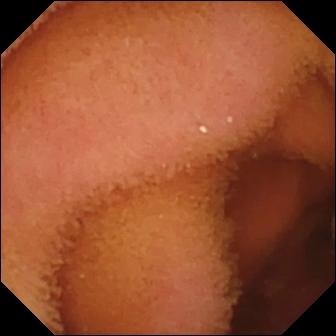VCE — normal clean mucosa.